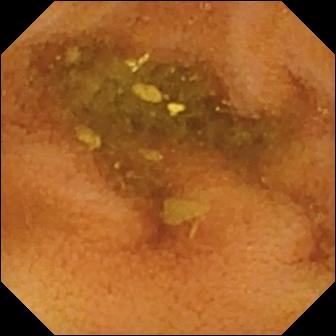- modality: VCE
- segment: small intestine
- observation: normal clean mucosa